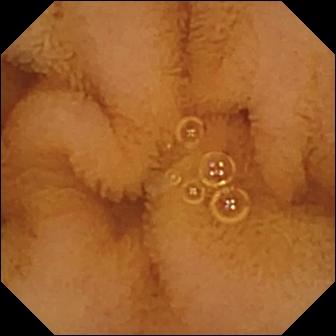Q: What does this capsule endoscopy image show?
A: Normal clean mucosa.